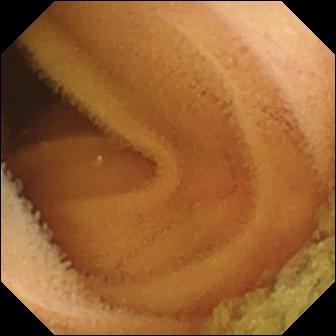Video capsule endoscopy image. Normal clean mucosa.